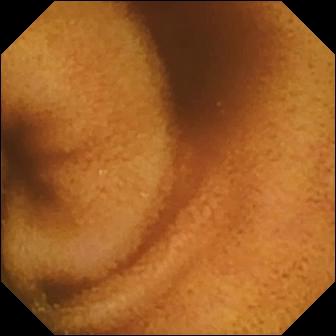WCE frame (small bowel). Normal clean mucosa.